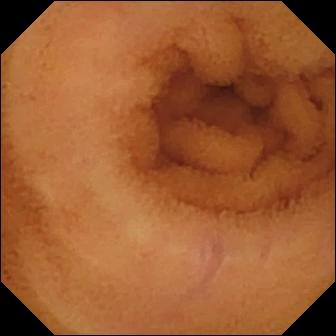{"modality": "WCE", "segment": "small bowel", "category": "luminal finding", "finding": "normal clean mucosa"}